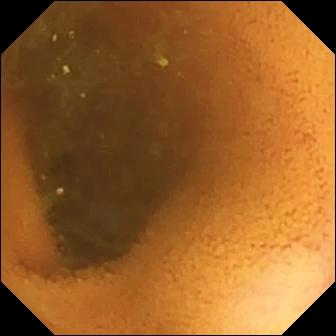- modality: WCE
- segment: small intestine
- observation: normal clean mucosa